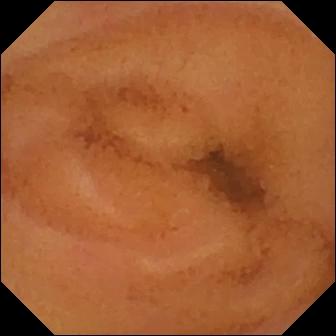{"modality": "small-bowel capsule endoscopy", "finding": "normal clean mucosa"}